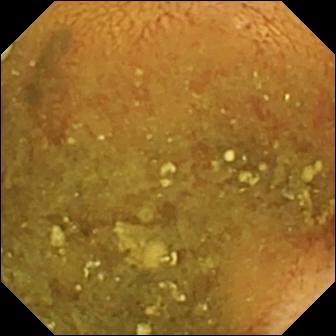Reduced mucosal view (content or bubbles obscuring the mucosa) (336×336).